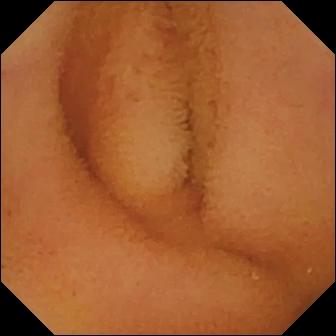VCE image. Normal clean mucosa.